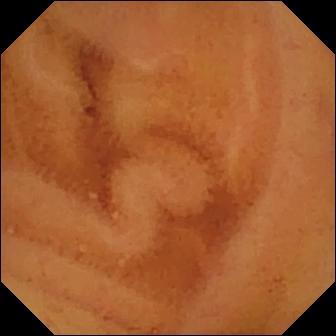VCE still. Normal clean mucosa.